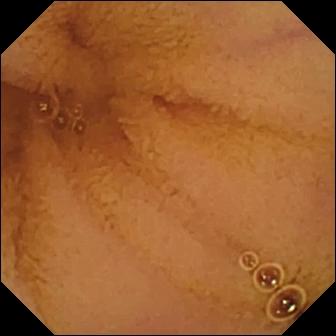Small-bowel capsule endoscopy. Observation: normal clean mucosa.